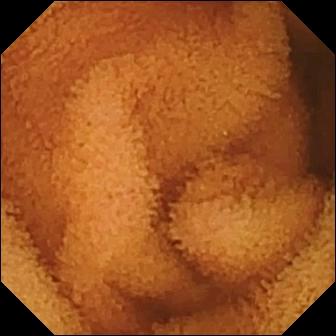{"modality": "WCE", "finding": "normal clean mucosa"}